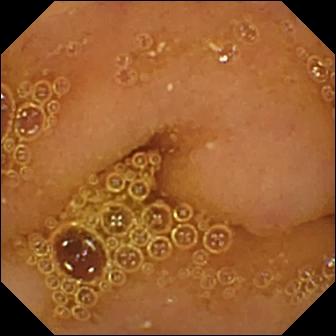Small-bowel capsule endoscopy — normal clean mucosa.